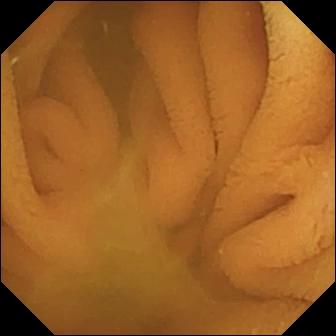Normal clean mucosa.